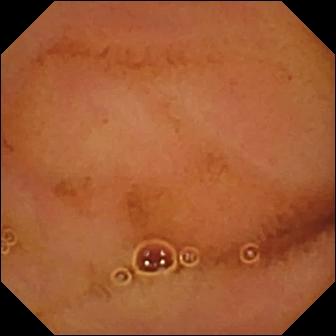WCE frame
Label: normal clean mucosa